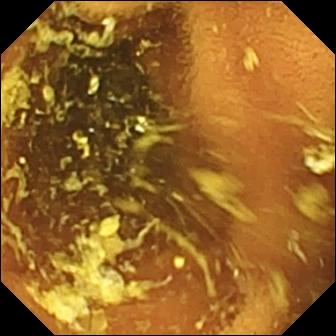- modality: WCE
- segment: small bowel
- category: luminal finding
- impression: normal clean mucosa